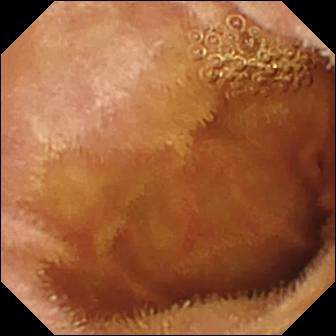Video capsule endoscopy still of the small bowel showing normal clean mucosa.